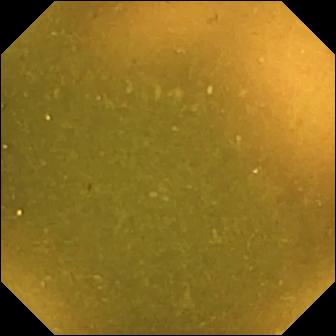Q: Where in the digestive tract was this video capsule endoscopy image taken?
A: Ileo-cecal valve region (the transition from the small bowel to the large bowel).